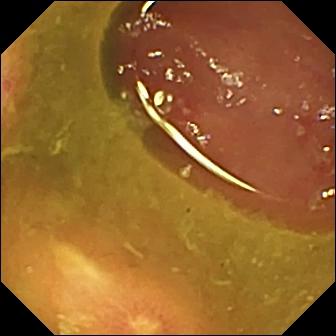WCE snapshot showing ulcer.